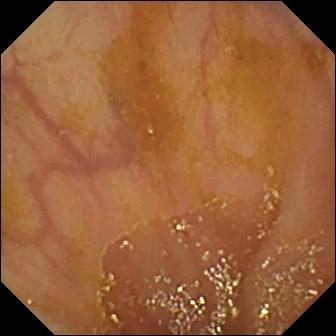PROCEDURE: Capsule endoscopy.
LABEL: Ileo-cecal valve region (where the capsule passes from the small bowel into the large bowel).